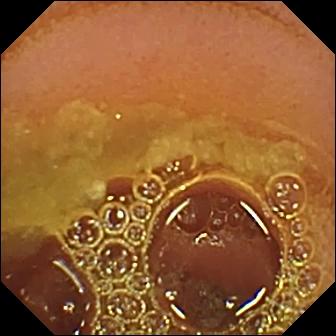- modality: video capsule endoscopy
- segment: small bowel
- finding: normal clean mucosa